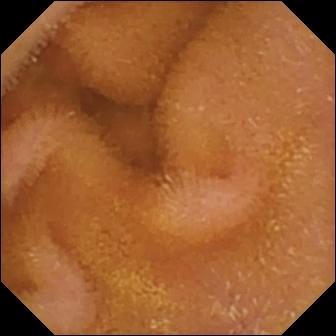Capsule endoscopy — normal clean mucosa.